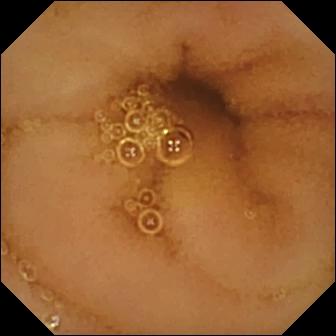Q: What does this wireless capsule endoscopy still show?
A: Normal clean mucosa.